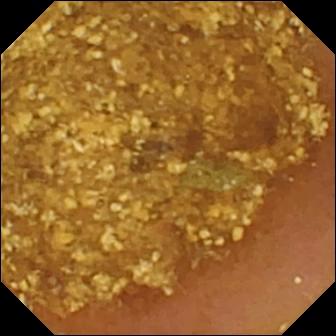Video capsule endoscopy image. Reduced mucosal view (content or bubbles obscuring the mucosa).